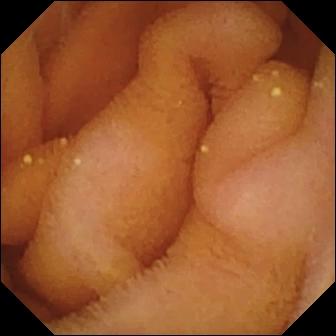This VCE frame was taken in the pylorus region (the junction between the stomach and the small bowel).